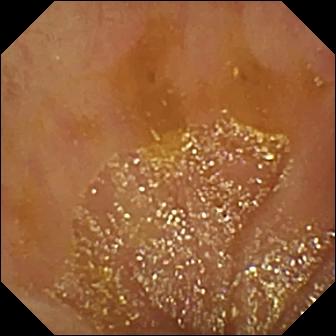{"modality": "VCE", "category": "anatomical landmark", "video_segment": "ileo-cecal valve region (where the capsule passes from the small bowel into the large bowel)"}